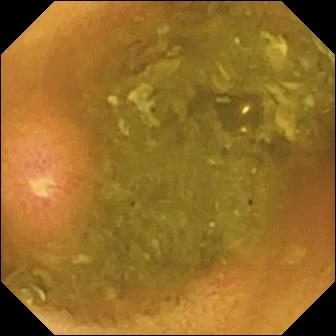- modality: capsule endoscopy
- label: ulcer